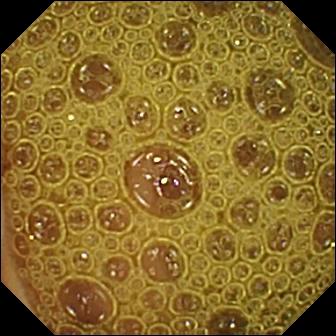{"modality": "WCE", "segment": "small bowel", "finding": "normal clean mucosa"}